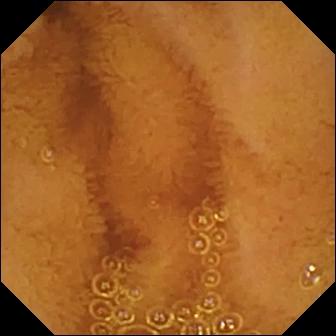VCE snapshot (small intestine). Normal clean mucosa.